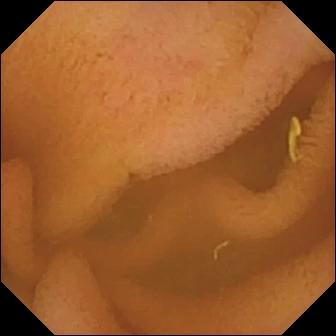Normal clean mucosa.